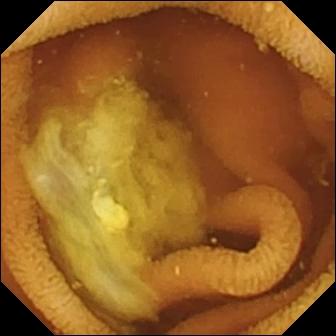Wireless capsule endoscopy — normal clean mucosa.